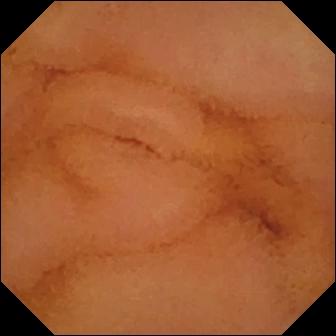This wireless capsule endoscopy view of the small bowel shows normal clean mucosa.